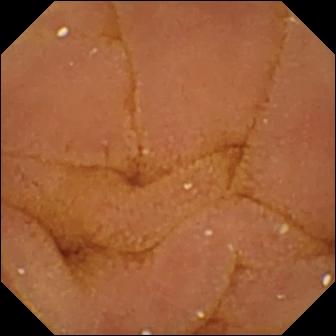modality: WCE
segment: small intestine
impression: normal clean mucosa